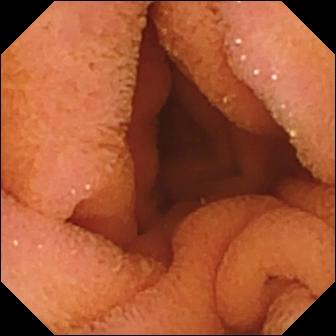Small-bowel capsule endoscopy. Label: normal clean mucosa.